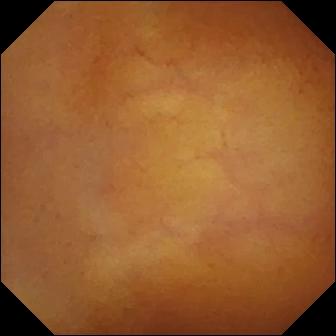{"modality": "capsule endoscopy", "finding": "normal clean mucosa"}